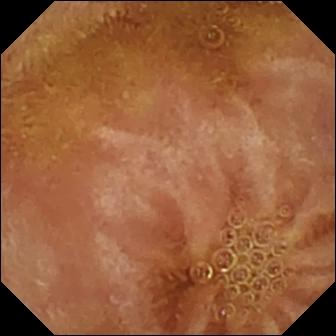modality: WCE
finding: normal clean mucosa